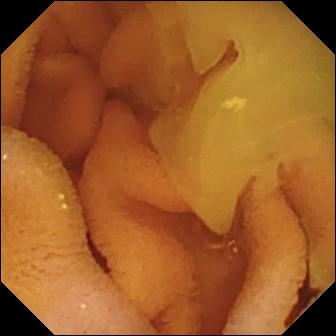VCE frame showing normal clean mucosa.